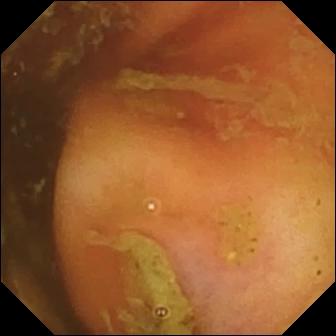Video capsule endoscopy still
Label: ileo-cecal valve region (the transition from the small bowel to the large bowel)